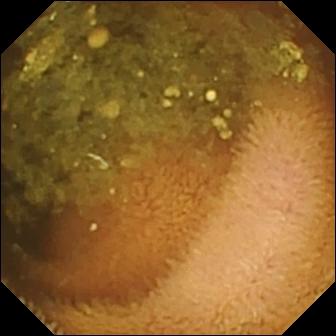{"modality": "capsule endoscopy", "finding": "reduced mucosal view (content or bubbles obscuring the mucosa)"}